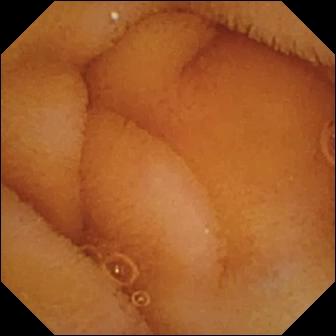This capsule endoscopy image shows normal clean mucosa.